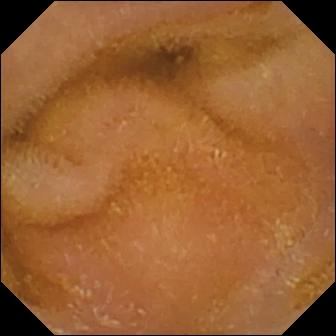Q: What does this capsule endoscopy view of the small intestine show?
A: Normal clean mucosa.